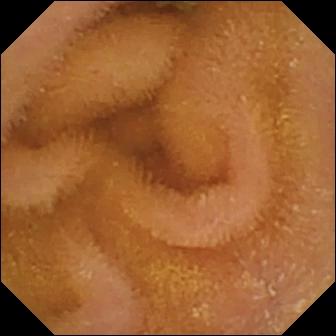modality: small-bowel capsule endoscopy
segment: small intestine
label: normal clean mucosa